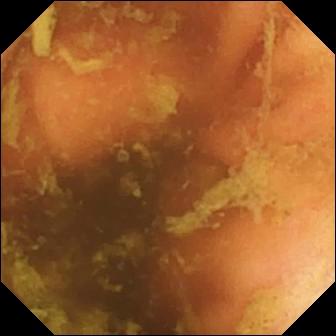Small-bowel capsule endoscopy — ileo-cecal valve region (where the capsule passes from the small bowel into the large bowel).